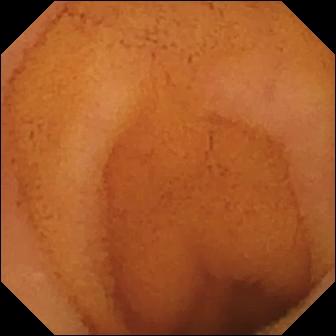{"modality": "capsule endoscopy", "finding": "normal clean mucosa"}